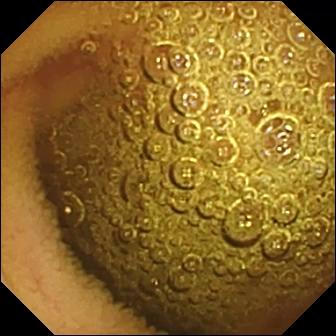Normal clean mucosa.